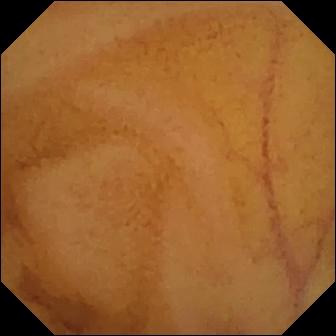PROCEDURE: Small-bowel capsule endoscopy.
FINDINGS: Normal clean mucosa.